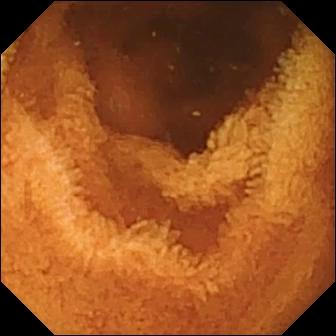Video capsule endoscopy image
Finding: normal clean mucosa